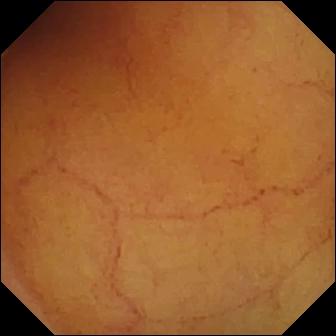PROCEDURE: Small-bowel capsule endoscopy.
SEGMENT: Small intestine.
FINDINGS: Normal clean mucosa.